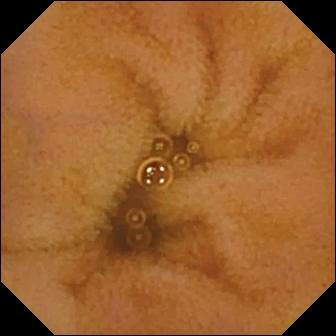Normal clean mucosa.